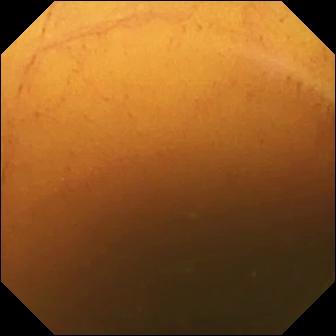- modality: wireless capsule endoscopy
- impression: normal clean mucosa